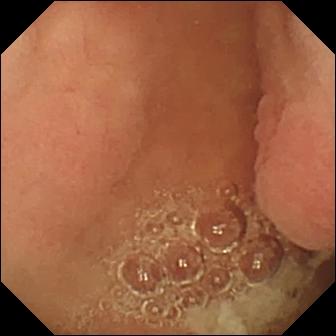modality: wireless capsule endoscopy; category: anatomical landmark; position: pylorus region (the junction between the stomach and the small bowel)